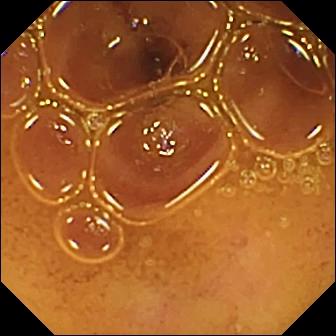WCE. Small bowel. Luminal finding. Impression: normal clean mucosa.